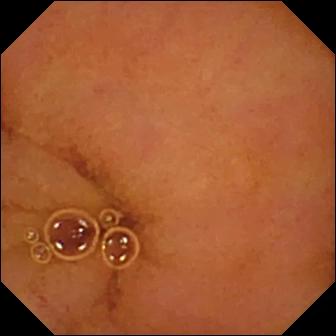- modality: wireless capsule endoscopy
- segment: small intestine
- impression: normal clean mucosa